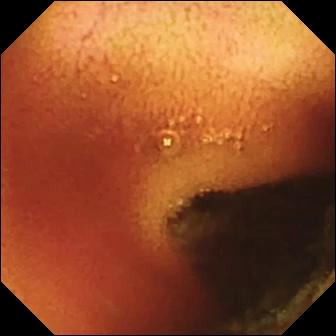WCE. Near an anatomical landmark. Position: ileo-cecal valve region (the transition from the small bowel to the large bowel).